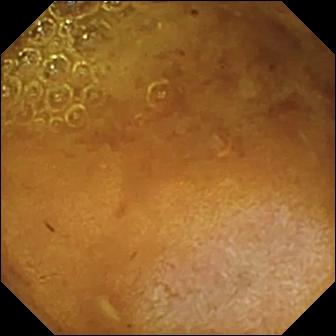Q: What does this wireless capsule endoscopy still show?
A: Reduced mucosal view (content or bubbles obscuring the mucosa).